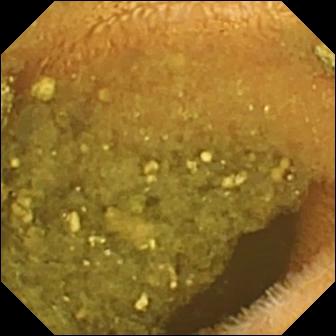Reduced mucosal view (content or bubbles obscuring the mucosa) (336×336).